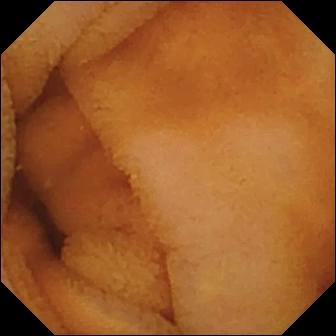Wireless capsule endoscopy frame. Normal clean mucosa.